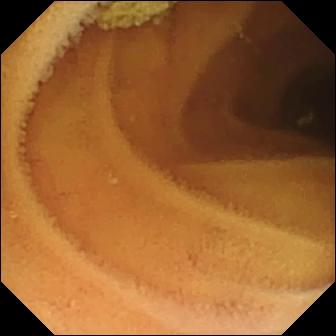PROCEDURE: Capsule endoscopy.
FINDINGS: Normal clean mucosa.